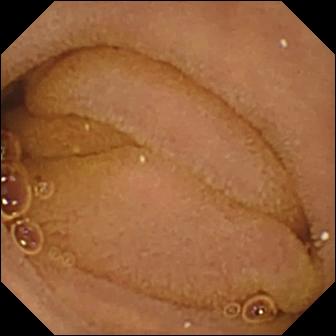Normal clean mucosa (336×336).